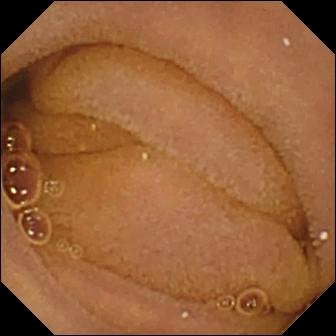Wireless capsule endoscopy snapshot (small bowel). Normal clean mucosa.